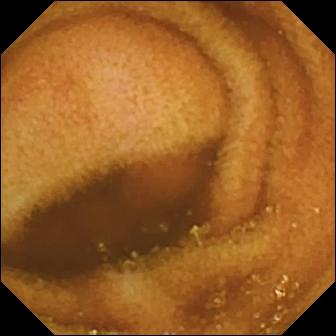WCE view showing normal clean mucosa.